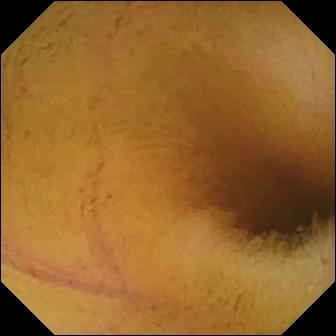modality: wireless capsule endoscopy; label: normal clean mucosa